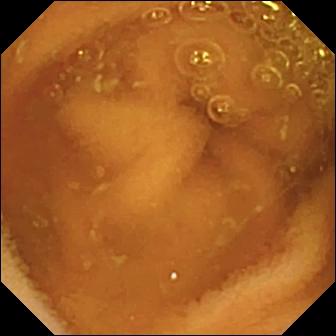{"modality": "wireless capsule endoscopy", "finding": "normal clean mucosa"}